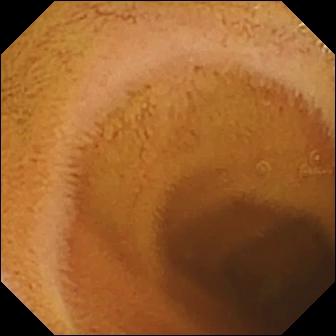Capsule endoscopy — normal clean mucosa.